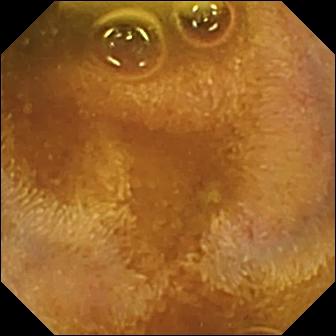Small-bowel capsule endoscopy view showing foreign body (e.g. retained capsule, tablet residue).